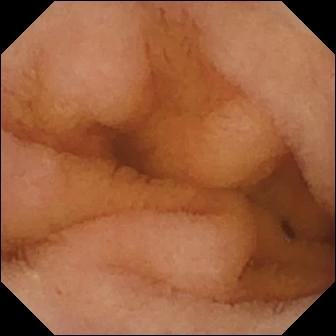modality: capsule endoscopy; segment: small intestine; label: normal clean mucosa